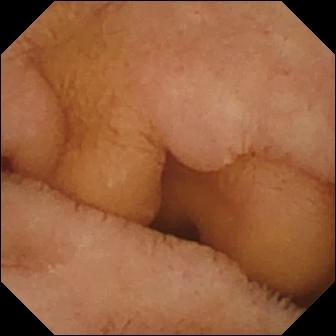Wireless capsule endoscopy snapshot. Normal clean mucosa.